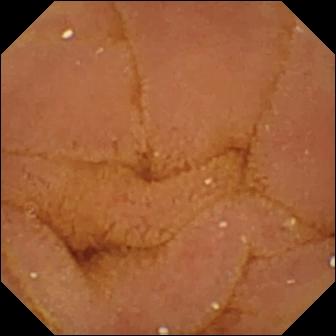PROCEDURE: Video capsule endoscopy.
SEGMENT: Small bowel.
FINDINGS: Normal clean mucosa.